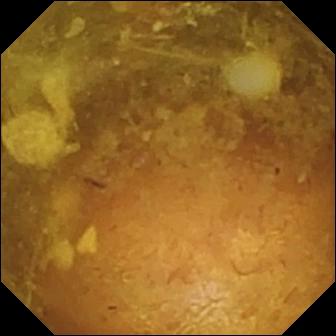- modality: video capsule endoscopy
- segment: small bowel
- finding: reduced mucosal view (content or bubbles obscuring the mucosa)